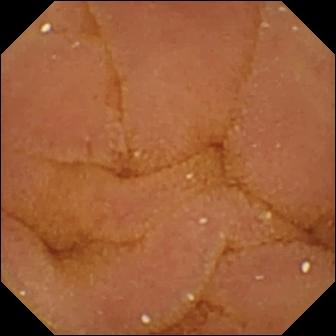- modality: wireless capsule endoscopy
- segment: small bowel
- label: normal clean mucosa